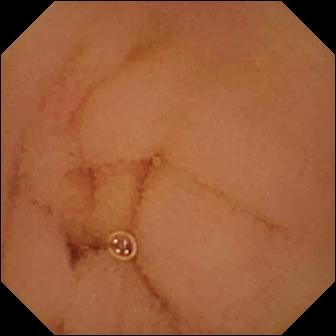Capsule endoscopy — normal clean mucosa.